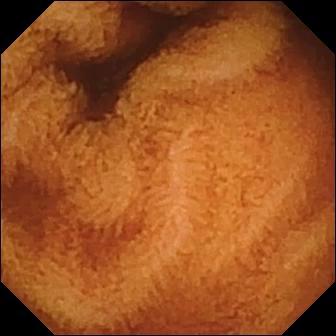Normal clean mucosa — wireless capsule endoscopy image.